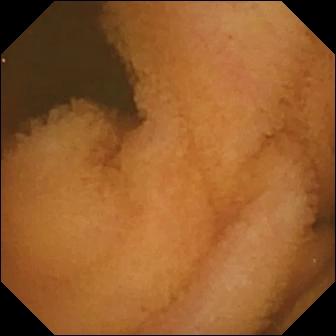- modality: wireless capsule endoscopy
- finding: normal clean mucosa